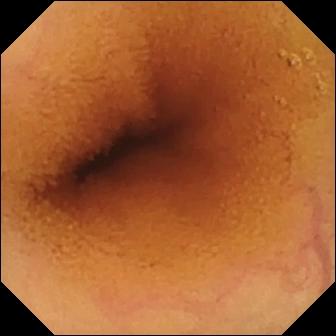Wireless capsule endoscopy — normal clean mucosa.